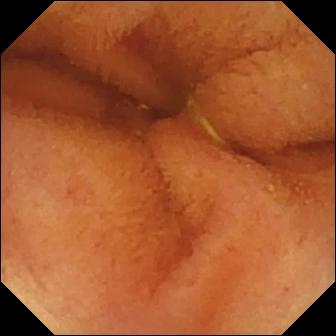PROCEDURE: VCE.
FINDINGS: Normal clean mucosa.